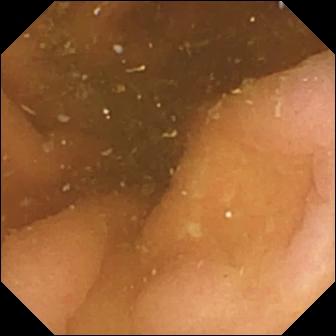{"modality": "VCE", "label": "pylorus region"}